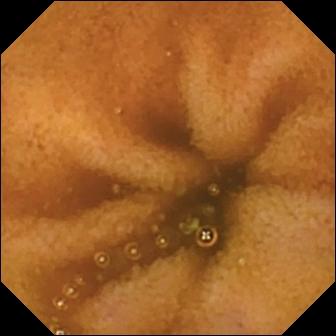{"modality": "WCE", "segment": "small intestine", "category": "luminal finding", "finding": "normal clean mucosa"}